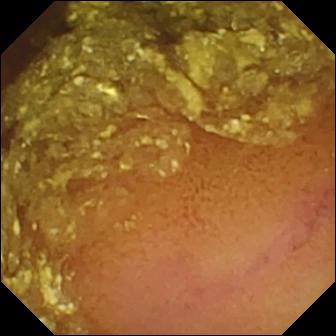{"modality": "small-bowel capsule endoscopy", "finding": "normal clean mucosa"}